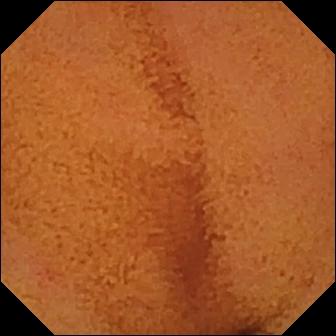- modality: capsule endoscopy
- impression: normal clean mucosa